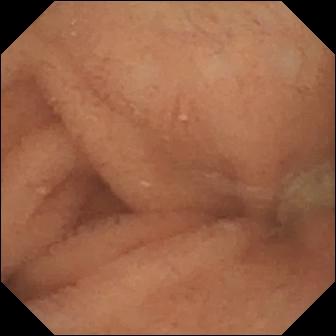{"modality": "small-bowel capsule endoscopy", "segment": "small intestine", "finding": "normal clean mucosa"}